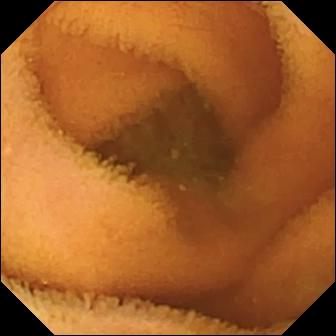VCE. Finding: normal clean mucosa.